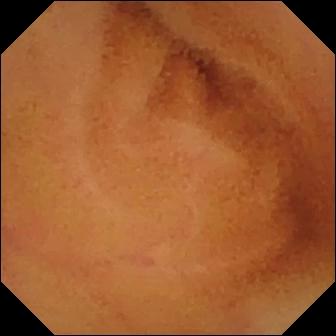Normal clean mucosa — video capsule endoscopy view of the small bowel.